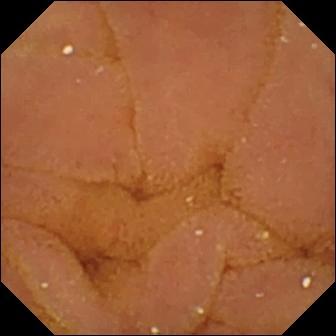This VCE snapshot shows normal clean mucosa.